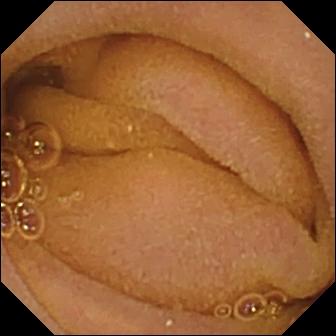- modality: video capsule endoscopy
- category: luminal finding
- observation: normal clean mucosa